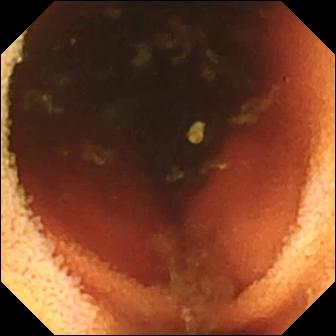VCE — ileo-cecal valve region (where the capsule passes from the small bowel into the large bowel).